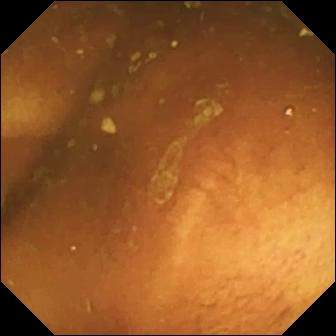VCE frame taken in the ileo-cecal valve region.